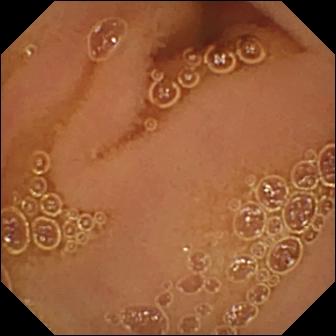Wireless capsule endoscopy snapshot, small intestine
Impression: normal clean mucosa